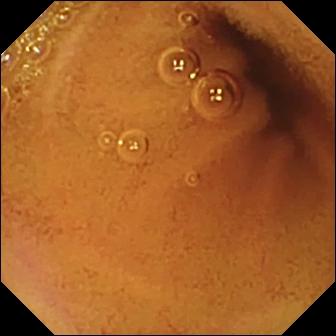This wireless capsule endoscopy still shows normal clean mucosa.